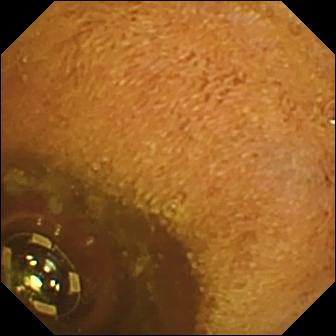This small-bowel capsule endoscopy frame shows foreign body (e.g. retained capsule, tablet residue).